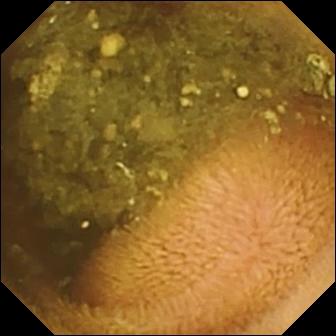Reduced mucosal view (content or bubbles obscuring the mucosa).